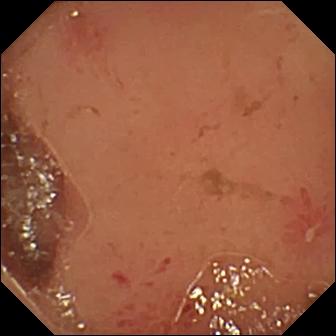PROCEDURE: Wireless capsule endoscopy.
FINDINGS: Erosion.